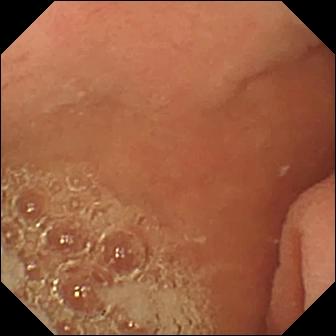Q: Where in the digestive tract was this WCE frame taken?
A: Pylorus region (the junction between the stomach and the small bowel).